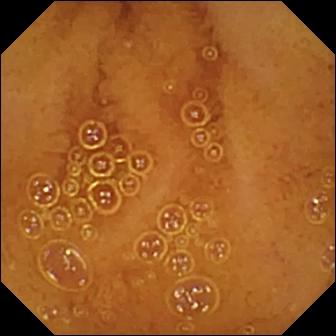Video capsule endoscopy. Small intestine. Finding: normal clean mucosa.